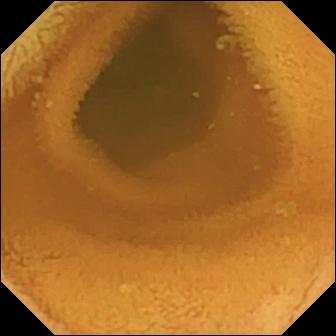Small-bowel capsule endoscopy frame showing normal clean mucosa.